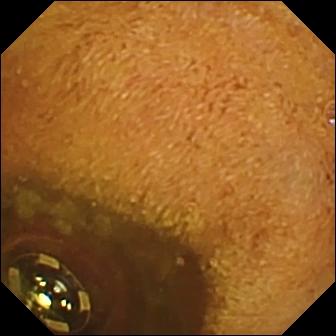- modality: video capsule endoscopy
- label: foreign body (e.g. retained capsule, tablet residue)